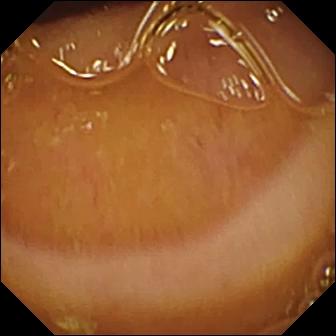Capsule endoscopy. Luminal finding. Finding: normal clean mucosa.